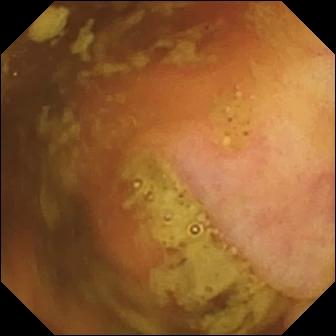Capsule endoscopy — ileo-cecal valve region.